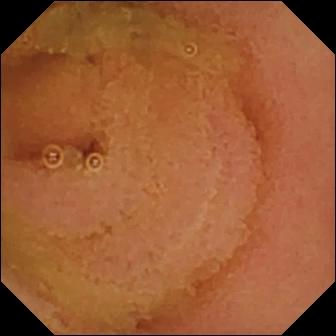Normal clean mucosa — capsule endoscopy frame.